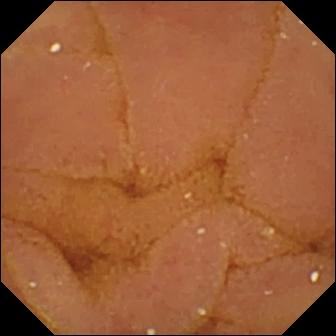{"modality": "wireless capsule endoscopy", "segment": "small intestine", "finding": "normal clean mucosa"}